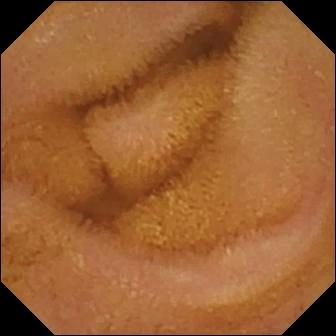- modality: capsule endoscopy
- segment: small intestine
- finding: normal clean mucosa